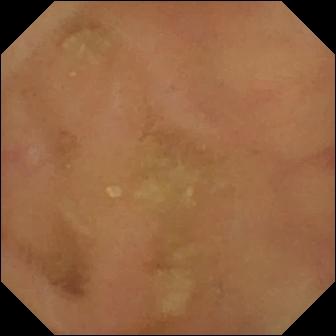Video capsule endoscopy view. Normal clean mucosa.